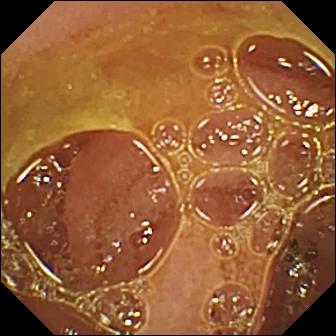{"modality": "WCE", "segment": "small bowel", "finding": "normal clean mucosa"}